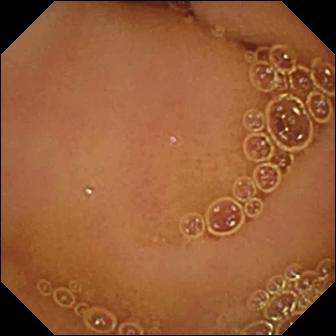Video capsule endoscopy snapshot
Observation: normal clean mucosa